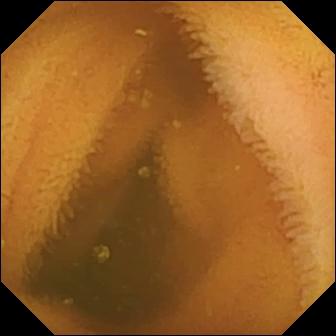- modality: VCE
- category: luminal finding
- impression: normal clean mucosa